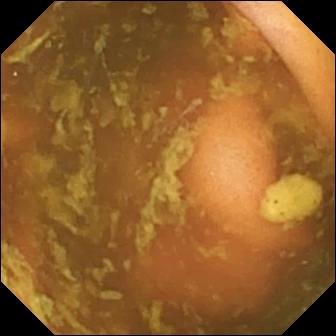modality: small-bowel capsule endoscopy | video segment: ileo-cecal valve region (where the capsule passes from the small bowel into the large bowel)